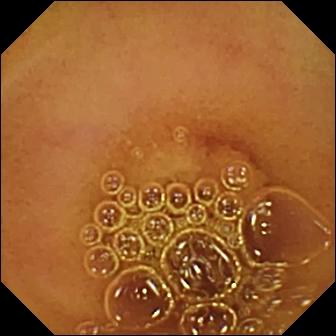This VCE view of the small bowel shows normal clean mucosa.